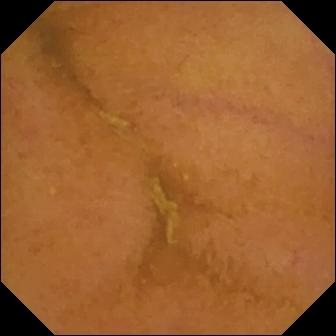modality: small-bowel capsule endoscopy
impression: normal clean mucosa